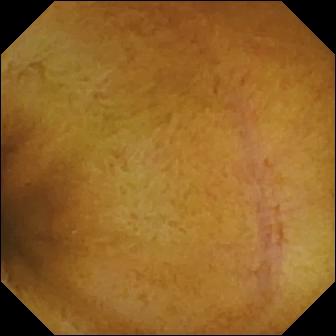Small-bowel capsule endoscopy view showing normal clean mucosa.